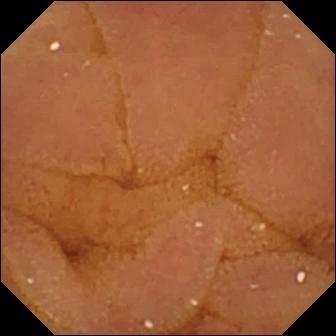- modality: small-bowel capsule endoscopy
- label: normal clean mucosa